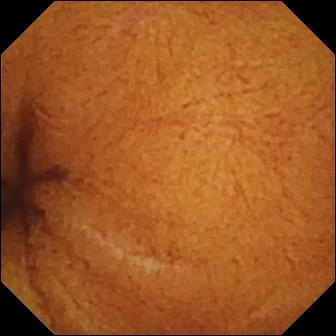Normal clean mucosa.